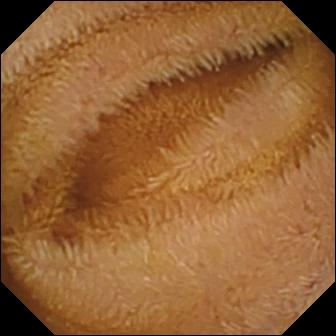Normal clean mucosa — video capsule endoscopy still.